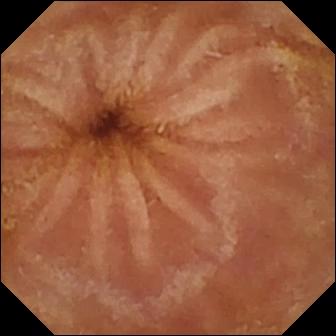WCE. Small bowel. Label: normal clean mucosa.